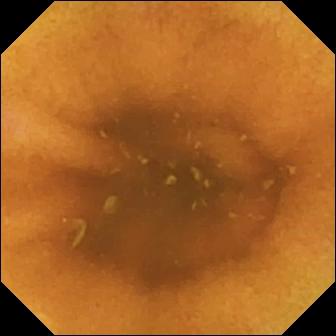modality: WCE
segment: small intestine
observation: normal clean mucosa